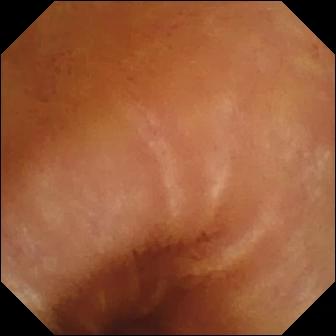Normal clean mucosa — small-bowel capsule endoscopy still.